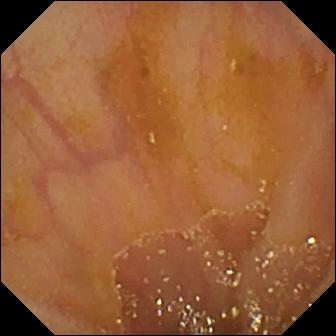This video capsule endoscopy snapshot was taken in the ileo-cecal valve region.